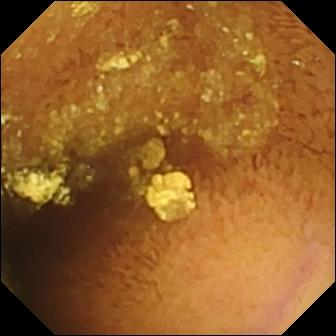Q: What does this capsule endoscopy image show?
A: Normal clean mucosa.